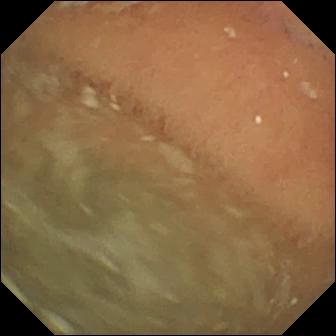WCE. Small intestine. Impression: normal clean mucosa.